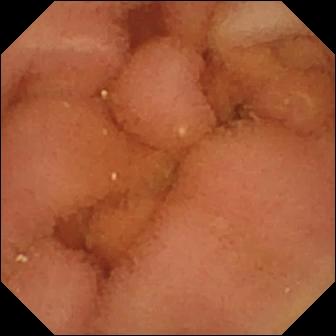VCE still (small intestine). Normal clean mucosa.